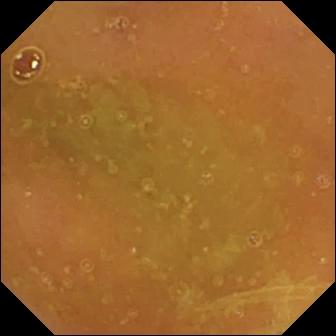Q: What does this WCE snapshot of the small bowel show?
A: Normal clean mucosa.